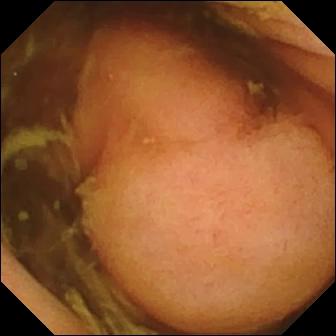Q: What does this wireless capsule endoscopy frame show?
A: Polyp.